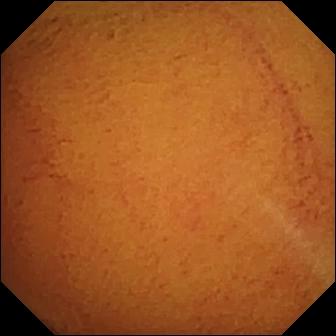Video capsule endoscopy. Label: normal clean mucosa.